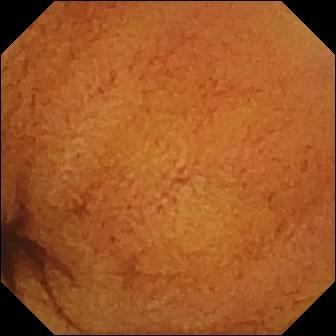Video capsule endoscopy. Luminal finding. Impression: normal clean mucosa.